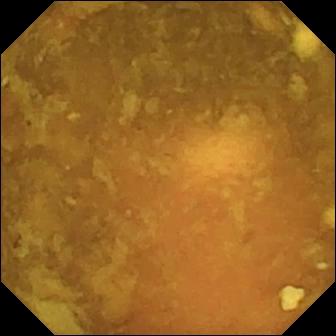Small-bowel capsule endoscopy — reduced mucosal view (content or bubbles obscuring the mucosa).